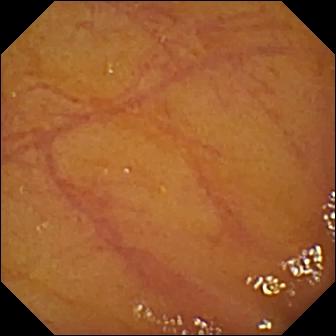Wireless capsule endoscopy frame. Taken in the ileo-cecal valve region (the transition from the small bowel to the large bowel).